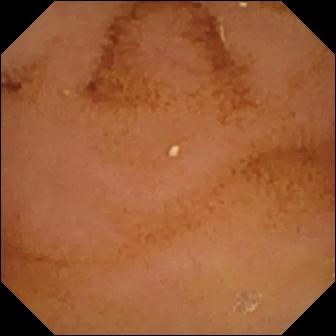Wireless capsule endoscopy — normal clean mucosa.